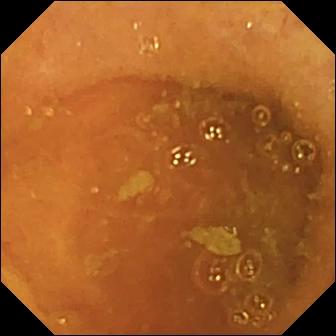WCE — ileo-cecal valve region (the transition from the small bowel to the large bowel).